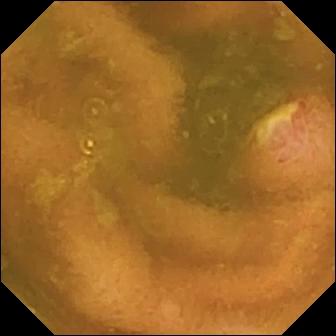Wireless capsule endoscopy. Observation: ulcer.